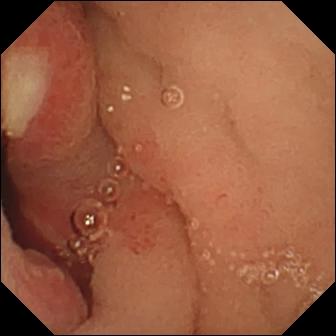This VCE still shows ulcer.